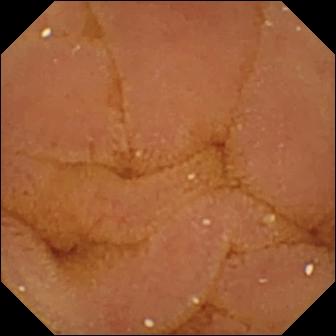{"modality": "small-bowel capsule endoscopy", "finding": "normal clean mucosa"}